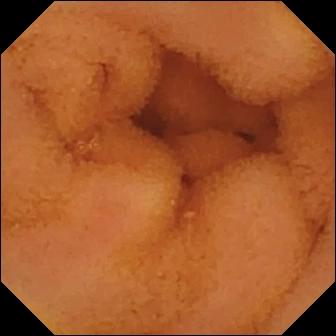Normal clean mucosa — WCE frame.